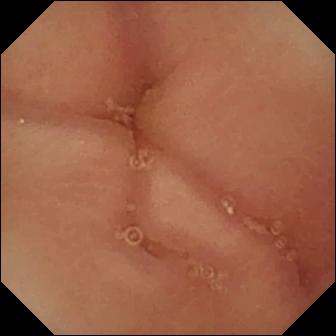WCE — pylorus region (where the capsule passes from the stomach into the small bowel).